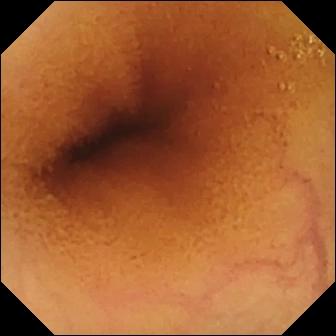This capsule endoscopy image of the small bowel shows normal clean mucosa.